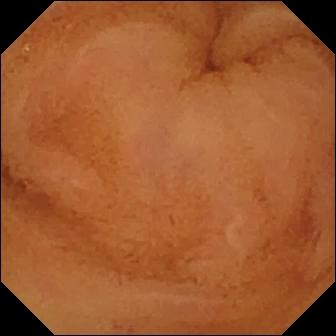PROCEDURE: Small-bowel capsule endoscopy.
SEGMENT: Small intestine.
FINDINGS: Normal clean mucosa.